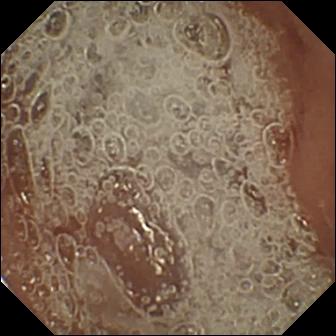This VCE frame was taken in the pylorus region.